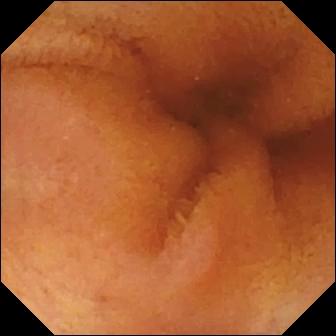Normal clean mucosa — capsule endoscopy frame.